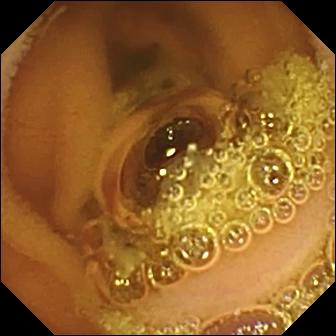Small-bowel capsule endoscopy still, small intestine
Finding: normal clean mucosa